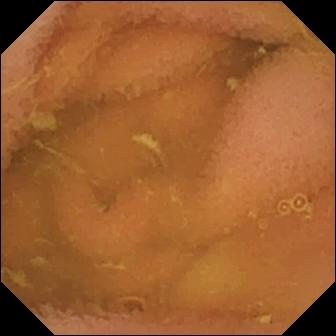Q: What does this capsule endoscopy view show?
A: Normal clean mucosa.